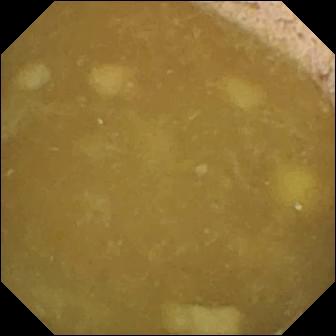WCE — ileo-cecal valve region.